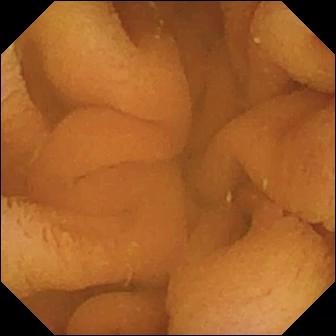modality: wireless capsule endoscopy | segment: small bowel | category: luminal finding | impression: normal clean mucosa